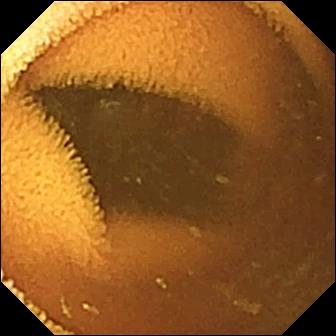Normal clean mucosa — small-bowel capsule endoscopy snapshot.